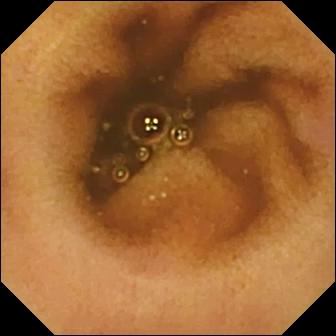{"modality": "WCE", "finding": "normal clean mucosa"}